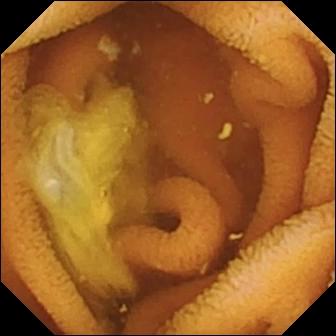{"modality": "wireless capsule endoscopy", "category": "luminal finding", "finding": "normal clean mucosa"}